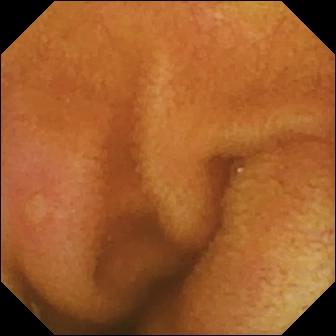PROCEDURE: WCE.
FINDINGS: Erosion.